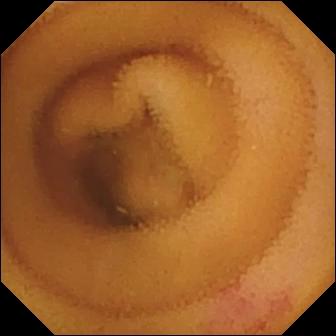- modality: WCE
- category: luminal finding
- impression: angiectasia